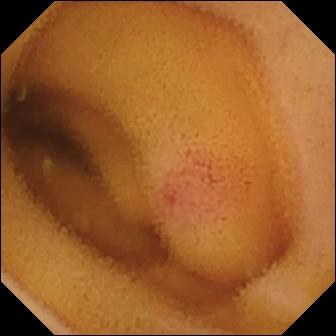Angiectasia — small-bowel capsule endoscopy still.